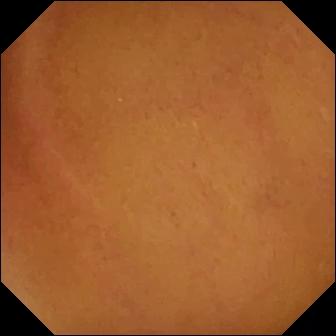modality: wireless capsule endoscopy; impression: normal clean mucosa